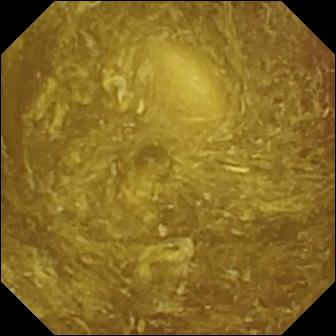{"modality": "small-bowel capsule endoscopy", "segment": "small bowel", "finding": "reduced mucosal view (content or bubbles obscuring the mucosa)"}